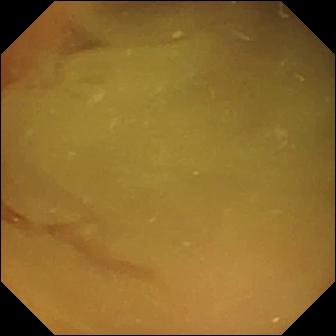Small-bowel capsule endoscopy still (small bowel). Normal clean mucosa.